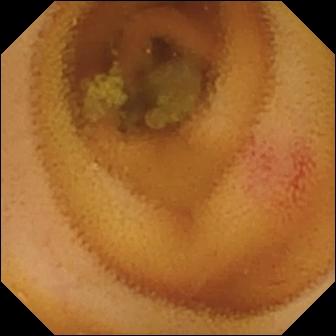This capsule endoscopy view shows angiectasia.